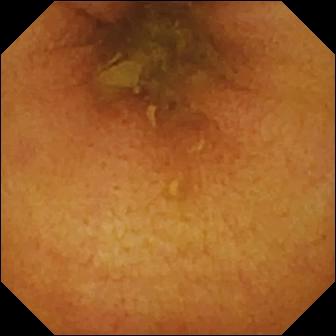Wireless capsule endoscopy frame (small intestine). Normal clean mucosa.